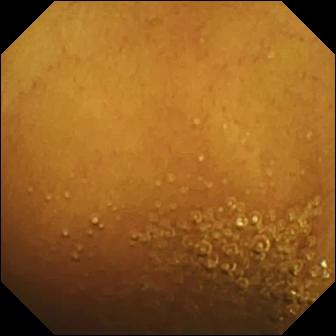Small-bowel capsule endoscopy still of the small bowel showing normal clean mucosa.